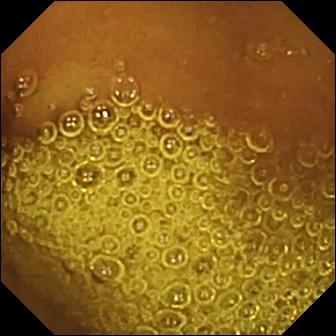PROCEDURE: WCE.
FINDINGS: Normal clean mucosa.